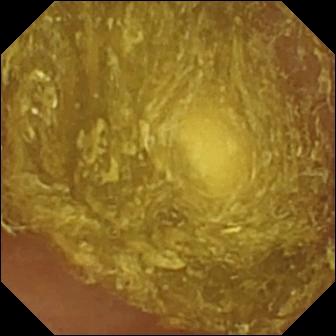Reduced mucosal view (content or bubbles obscuring the mucosa).